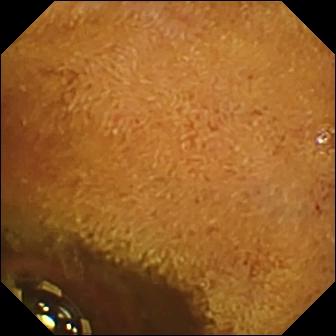{"modality": "WCE", "finding": "foreign body (e.g. retained capsule, tablet residue)"}